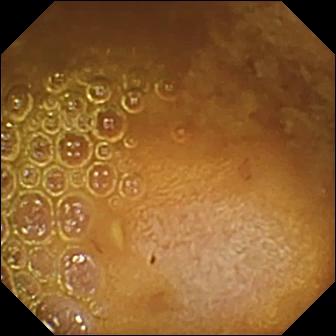Reduced mucosal view (content or bubbles obscuring the mucosa).